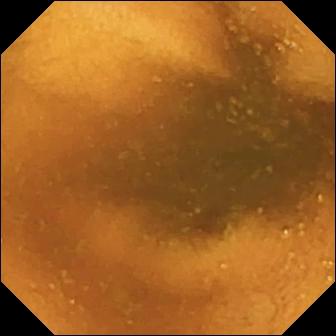{"modality": "wireless capsule endoscopy", "finding": "normal clean mucosa"}